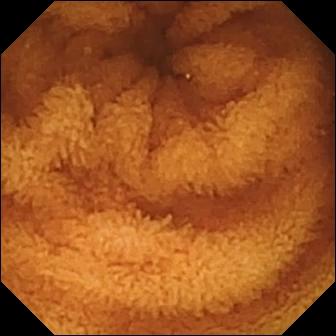This small-bowel capsule endoscopy image of the small intestine shows normal clean mucosa.